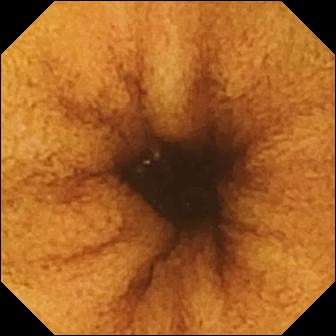{"modality": "wireless capsule endoscopy", "finding": "normal clean mucosa"}